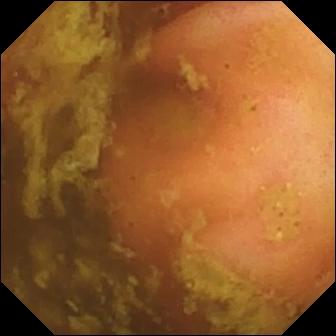WCE. Video segment: ileo-cecal valve region.